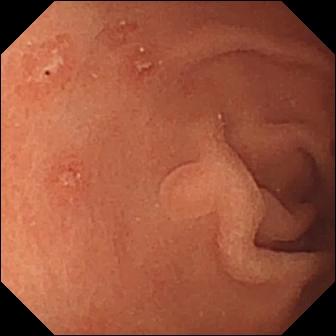This small-bowel capsule endoscopy snapshot shows erosion.